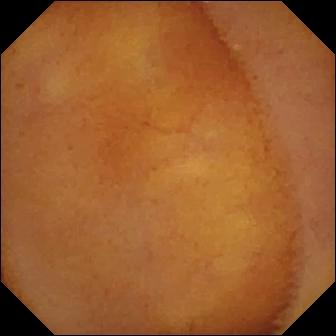Capsule endoscopy view, small bowel
Label: normal clean mucosa